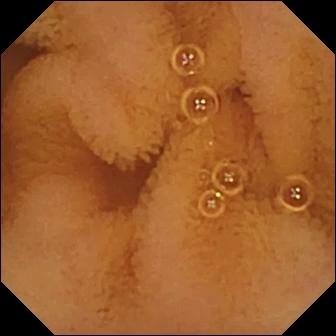PROCEDURE: Small-bowel capsule endoscopy.
SEGMENT: Small intestine.
FINDINGS: Normal clean mucosa.